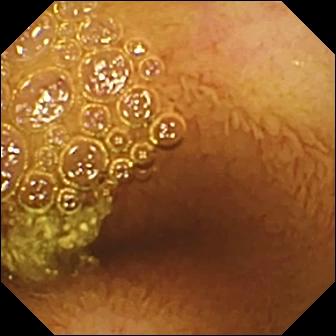Normal clean mucosa (336×336).